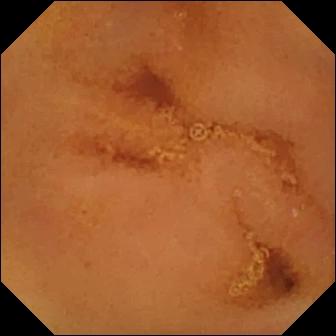VCE still
Observation: normal clean mucosa